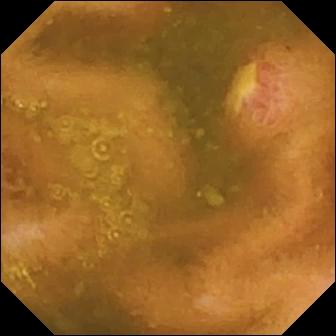- modality: small-bowel capsule endoscopy
- observation: ulcer